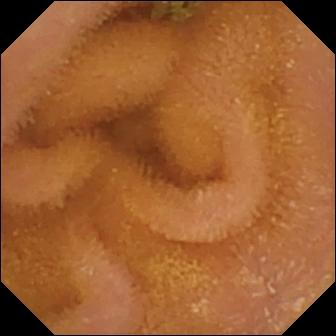{"modality": "WCE", "finding": "normal clean mucosa"}